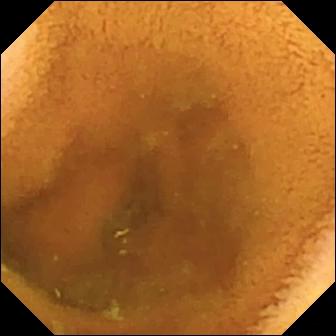Wireless capsule endoscopy — normal clean mucosa.